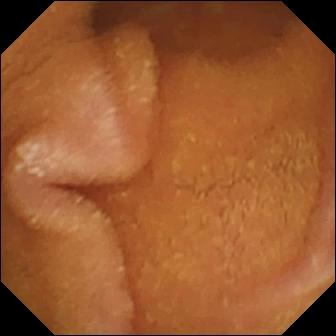Small-bowel capsule endoscopy still, small bowel
Impression: normal clean mucosa